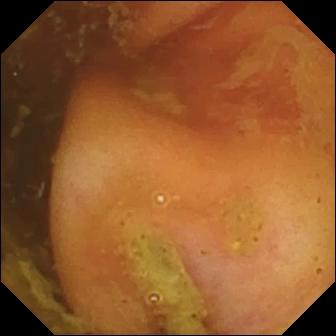{"modality": "video capsule endoscopy", "video_segment": "ileo-cecal valve region (where the capsule passes from the small bowel into the large bowel)"}